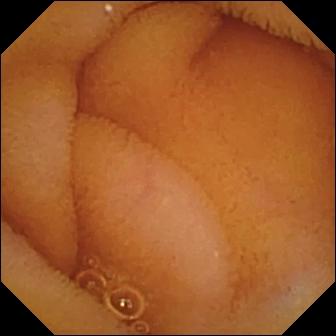This capsule endoscopy still shows normal clean mucosa.